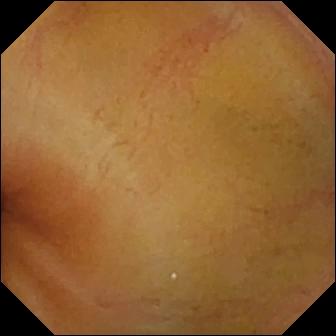Q: What does this small-bowel capsule endoscopy snapshot of the small bowel show?
A: Normal clean mucosa.